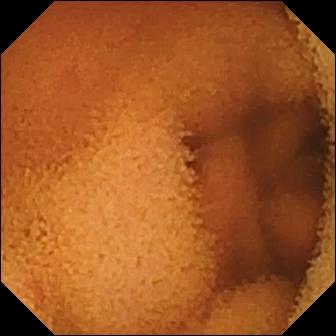Wireless capsule endoscopy. Small bowel. Impression: normal clean mucosa.